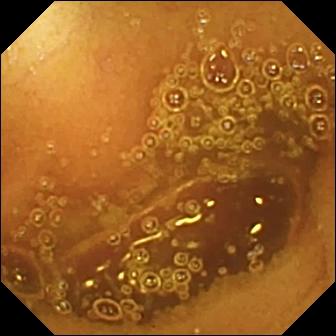This capsule endoscopy still shows normal clean mucosa.